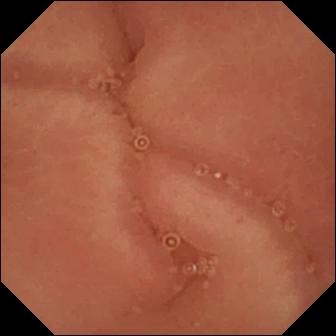Wireless capsule endoscopy snapshot taken in the pylorus region.